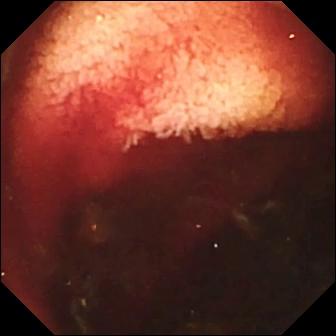WCE frame showing fresh blood in the lumen.